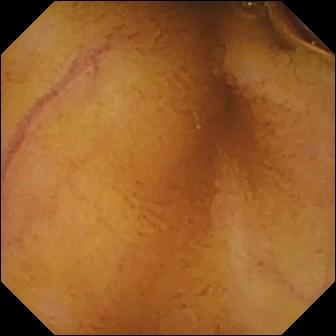Normal clean mucosa.